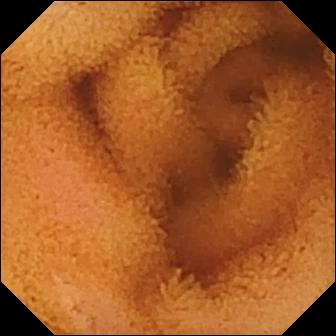VCE — normal clean mucosa.